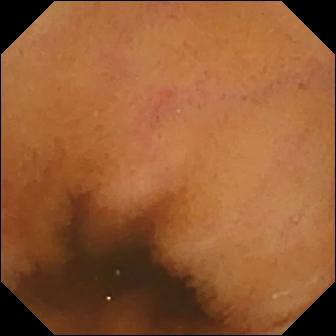{"modality": "wireless capsule endoscopy", "finding": "normal clean mucosa"}